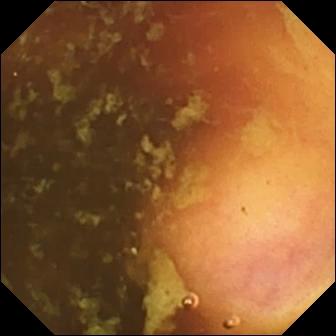Ileo-cecal valve region (where the capsule passes from the small bowel into the large bowel) — capsule endoscopy still.